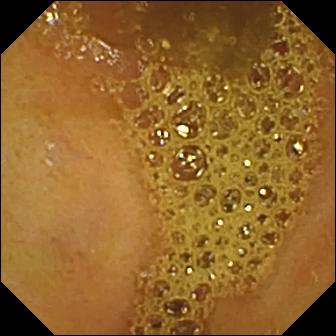This small-bowel capsule endoscopy snapshot was taken in the ileo-cecal valve region.